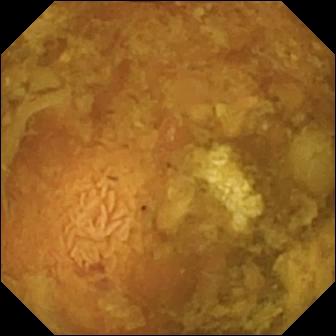Reduced mucosal view (content or bubbles obscuring the mucosa) (336×336).